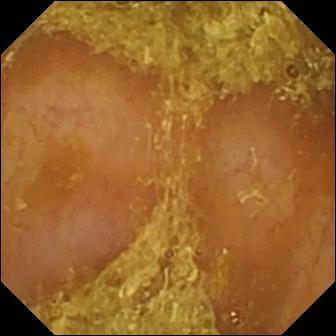{"modality": "VCE", "segment": "small bowel", "finding": "reduced mucosal view (content or bubbles obscuring the mucosa)"}